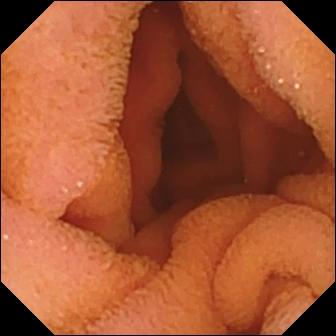Normal clean mucosa.